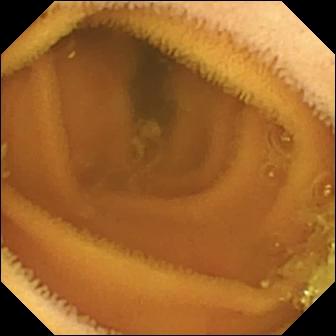Normal clean mucosa — WCE snapshot of the small intestine.